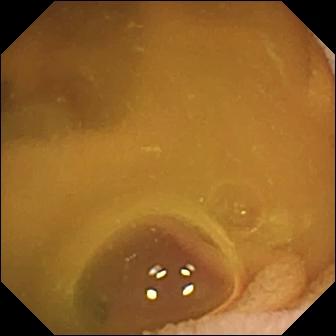Small-bowel capsule endoscopy — normal clean mucosa.